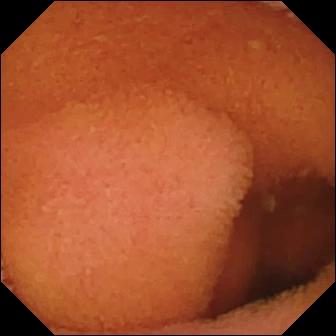This WCE snapshot shows normal clean mucosa.